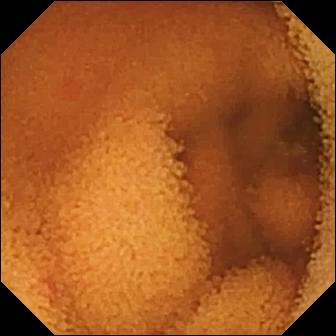Normal clean mucosa — VCE view of the small bowel.